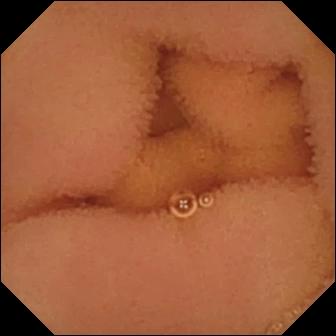VCE. Label: normal clean mucosa.